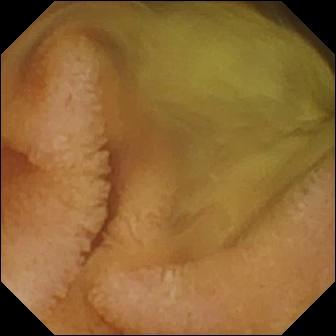WCE snapshot, small bowel
Finding: normal clean mucosa